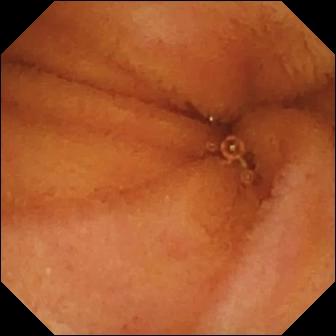VCE view, 336×336. Normal clean mucosa.